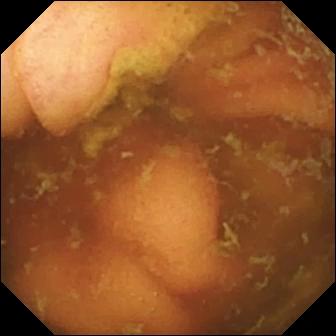This video capsule endoscopy still was taken in the ileo-cecal valve region (the transition from the small bowel to the large bowel).